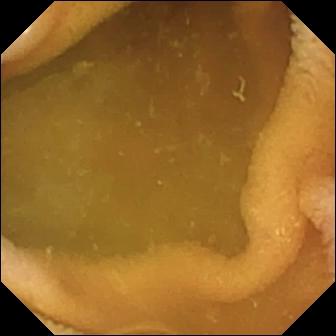{"modality": "WCE", "segment": "small intestine", "category": "luminal finding", "finding": "normal clean mucosa"}